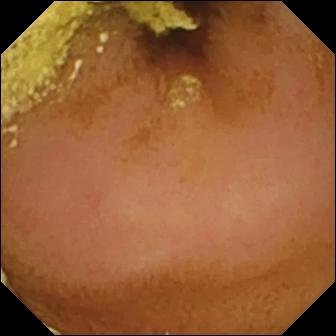Small-bowel capsule endoscopy. Small intestine. Impression: normal clean mucosa.